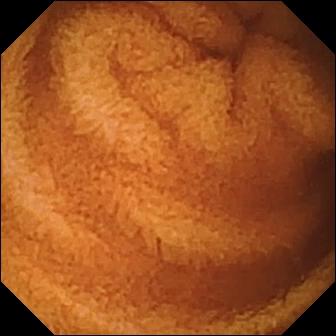PROCEDURE: Video capsule endoscopy.
SEGMENT: Small bowel.
FINDINGS: Normal clean mucosa.